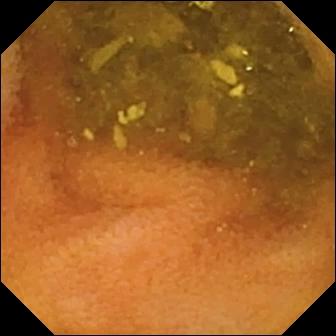Normal clean mucosa.